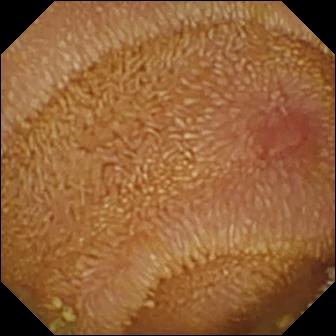VCE view. Erosion.